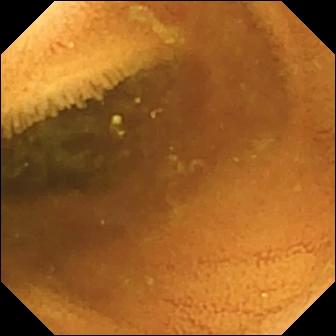WCE frame, small intestine
Finding: normal clean mucosa